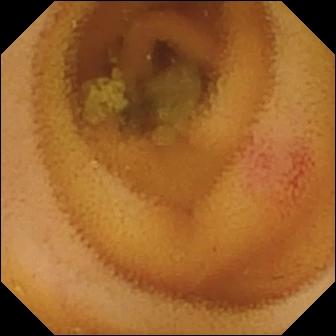Capsule endoscopy view showing angiectasia.